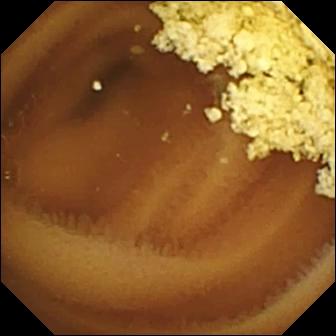Small-bowel capsule endoscopy. Small intestine. Label: normal clean mucosa.